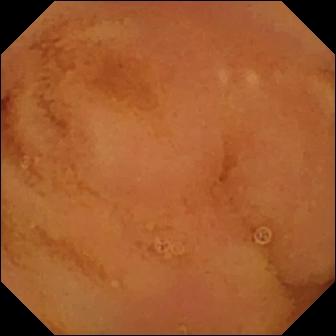Video capsule endoscopy view, 336×336. Normal clean mucosa.